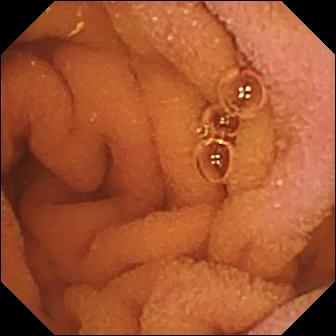Q: What does this capsule endoscopy snapshot of the small bowel show?
A: Normal clean mucosa.